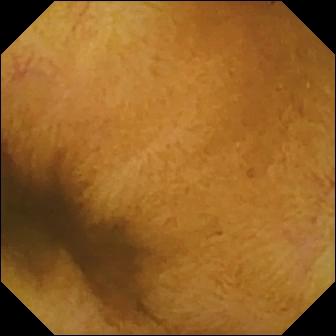Normal clean mucosa (336×336).